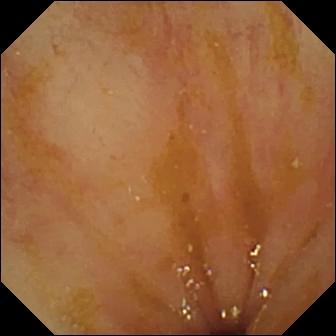Video capsule endoscopy still taken in the ileo-cecal valve region (where the capsule passes from the small bowel into the large bowel).